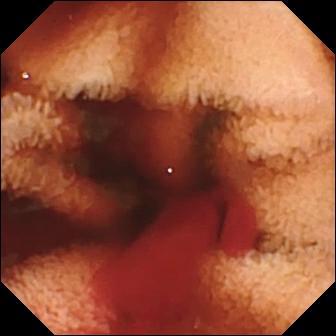Wireless capsule endoscopy view
Observation: fresh blood in the lumen